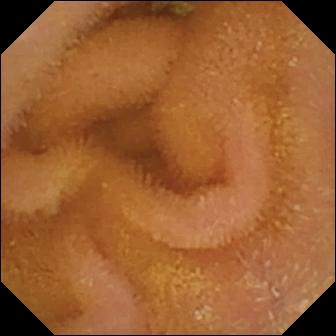Normal clean mucosa.